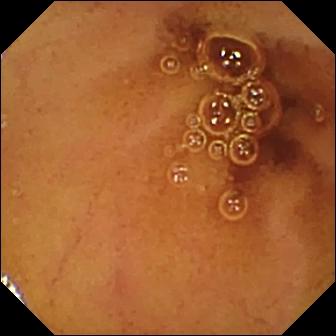Normal clean mucosa — video capsule endoscopy view.